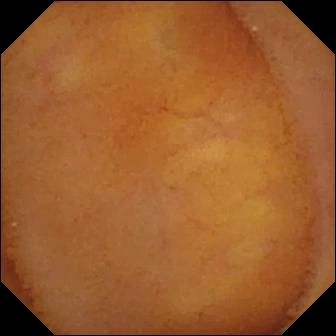VCE image, small intestine
Finding: normal clean mucosa